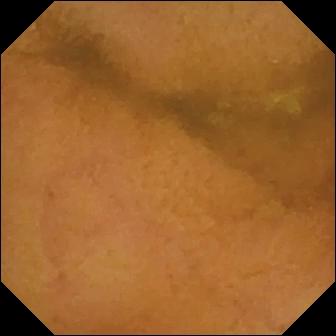Video capsule endoscopy still of the small intestine showing normal clean mucosa.